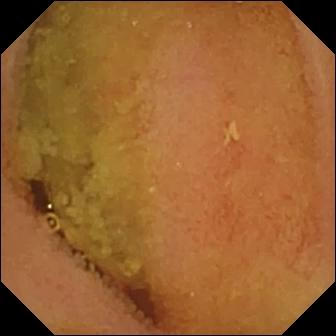Wireless capsule endoscopy — normal clean mucosa.